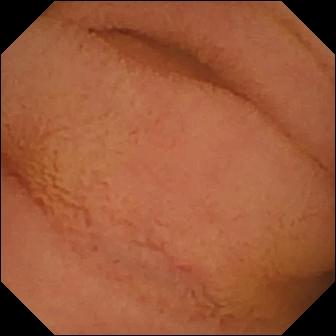Normal clean mucosa.